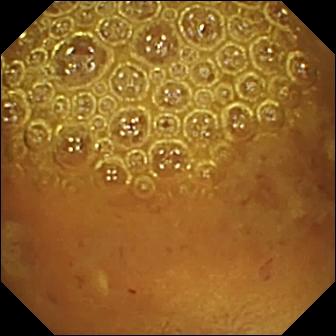Video capsule endoscopy frame. Reduced mucosal view (content or bubbles obscuring the mucosa).